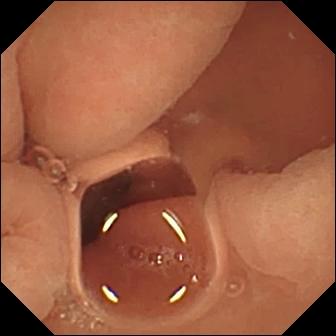{"modality": "wireless capsule endoscopy", "finding": "normal clean mucosa"}